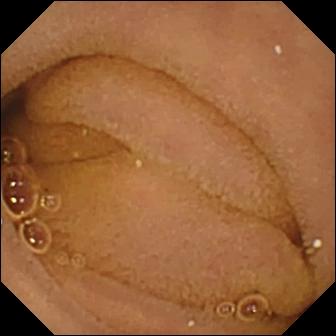VCE. Small intestine. Luminal finding. Label: normal clean mucosa.